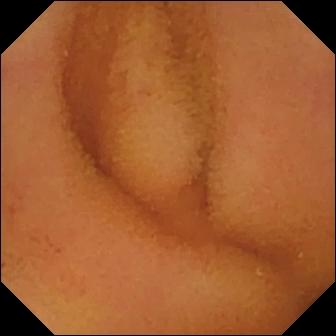modality: capsule endoscopy | category: luminal finding | observation: normal clean mucosa